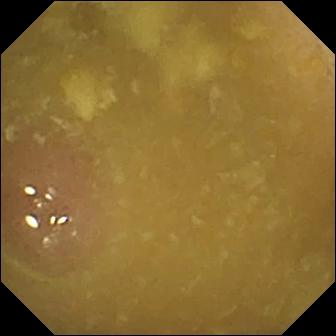Ileo-cecal valve region (the transition from the small bowel to the large bowel).